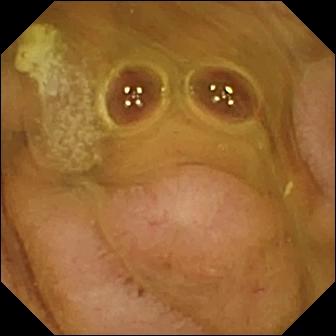modality: small-bowel capsule endoscopy
observation: normal clean mucosa